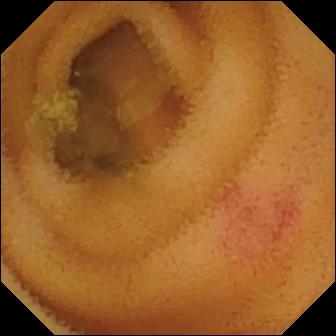- modality: VCE
- observation: angiectasia